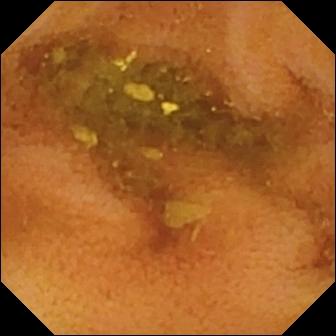{"modality": "video capsule endoscopy", "segment": "small intestine", "category": "luminal finding", "finding": "normal clean mucosa"}